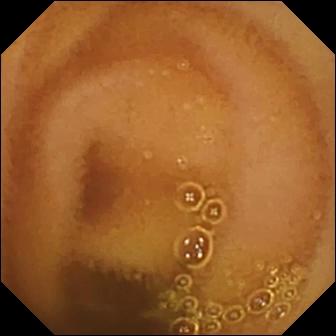Q: What does this capsule endoscopy image show?
A: Normal clean mucosa.